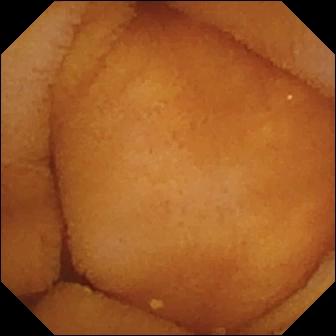VCE frame
Finding: normal clean mucosa